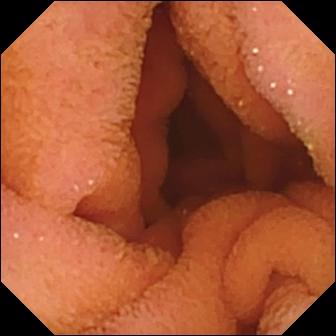Wireless capsule endoscopy view (small intestine). Normal clean mucosa.